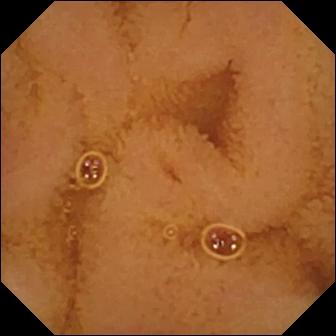Normal clean mucosa.